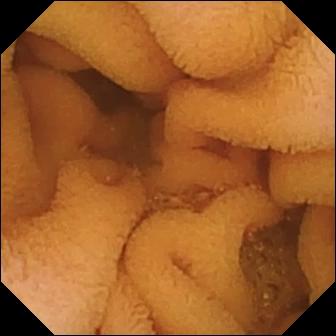{"modality": "small-bowel capsule endoscopy", "segment": "small bowel", "finding": "normal clean mucosa"}